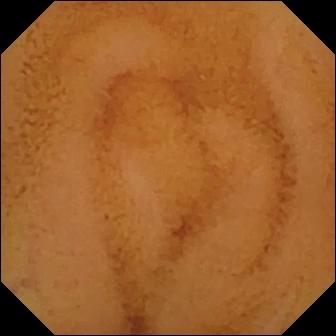Capsule endoscopy — normal clean mucosa.